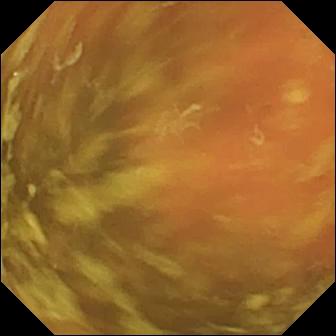PROCEDURE: Small-bowel capsule endoscopy.
LABEL: Ileo-cecal valve region (the transition from the small bowel to the large bowel).